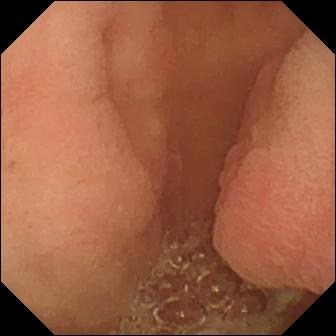- modality: VCE
- label: pylorus region (where the capsule passes from the stomach into the small bowel)